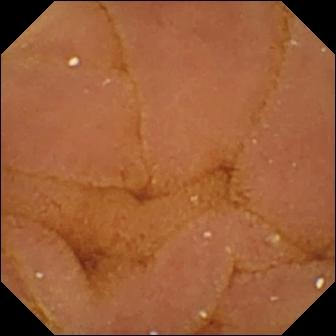- modality: VCE
- segment: small intestine
- observation: normal clean mucosa